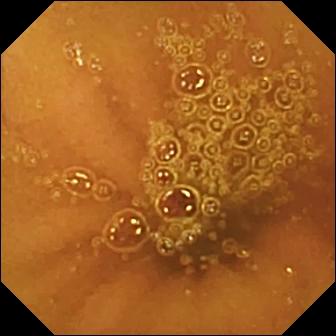WCE still
Observation: normal clean mucosa